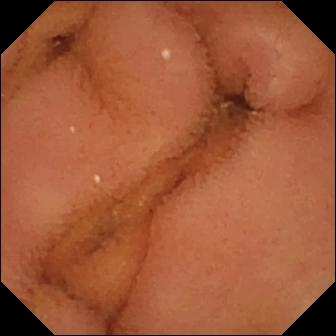Q: What does this small-bowel capsule endoscopy snapshot show?
A: Normal clean mucosa.